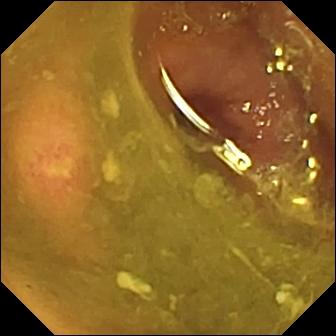VCE snapshot
Impression: ulcer